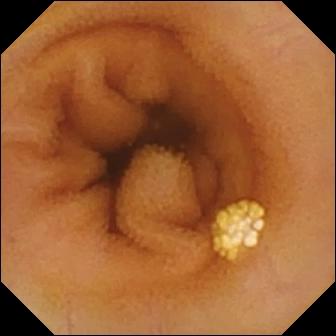This capsule endoscopy still shows lymphangiectasia.